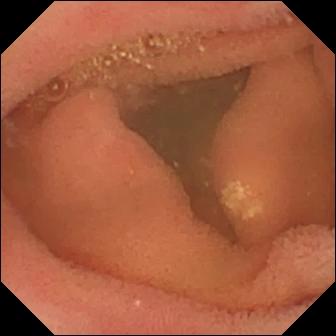PROCEDURE: Capsule endoscopy.
FINDINGS: Lymphangiectasia.